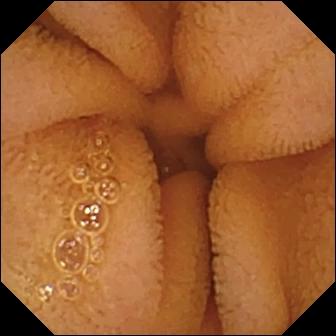Capsule endoscopy. Luminal finding. Impression: normal clean mucosa.